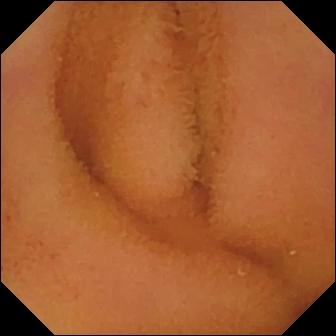Capsule endoscopy image of the small bowel showing normal clean mucosa.